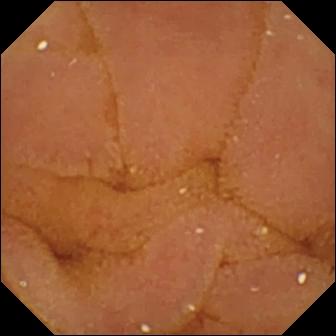Capsule endoscopy — normal clean mucosa.